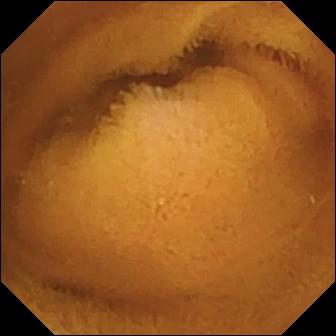Normal clean mucosa — small-bowel capsule endoscopy snapshot of the small bowel.